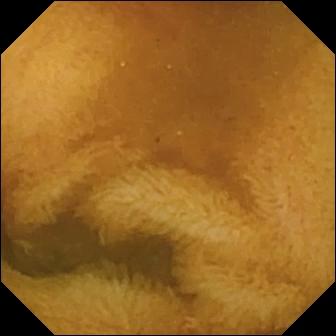Video capsule endoscopy — normal clean mucosa.